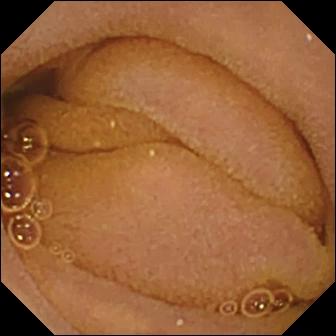Video capsule endoscopy. Small intestine. Label: normal clean mucosa.